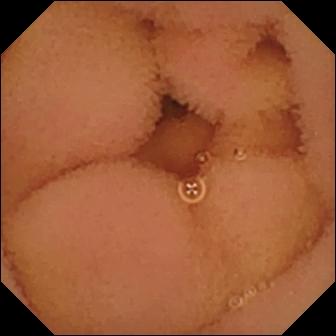Video capsule endoscopy — normal clean mucosa.